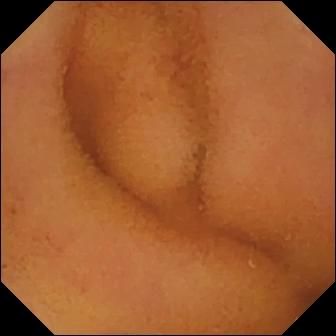Capsule endoscopy. Luminal finding. Impression: normal clean mucosa.